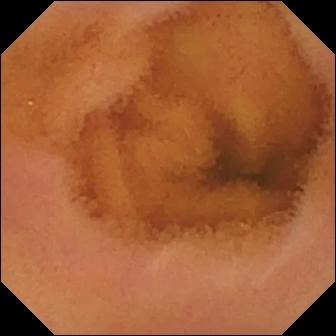Normal clean mucosa — wireless capsule endoscopy snapshot.